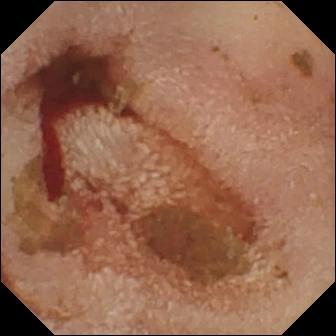- modality: video capsule endoscopy
- category: luminal finding
- observation: fresh blood in the lumen